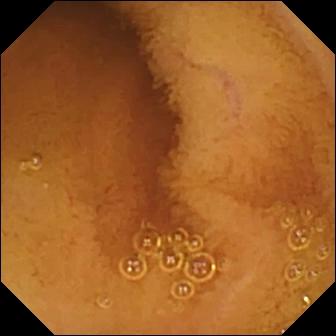{"modality": "small-bowel capsule endoscopy", "segment": "small intestine", "category": "luminal finding", "finding": "normal clean mucosa"}